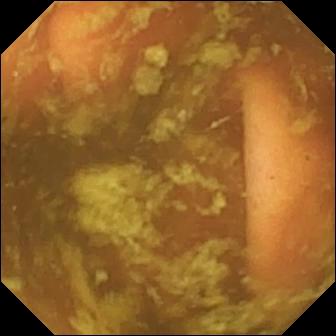Ileo-cecal valve region (the transition from the small bowel to the large bowel) — small-bowel capsule endoscopy still.